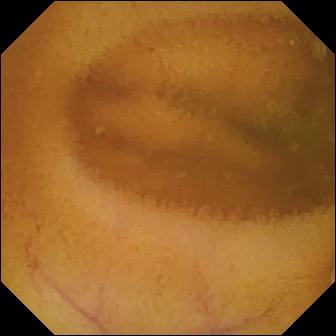Q: What does this small-bowel capsule endoscopy view show?
A: Normal clean mucosa.